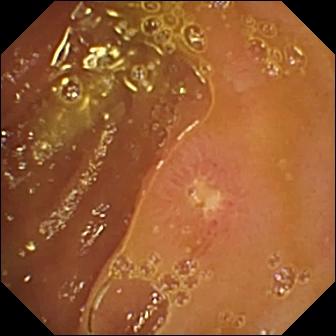{"modality": "WCE", "finding": "ulcer"}